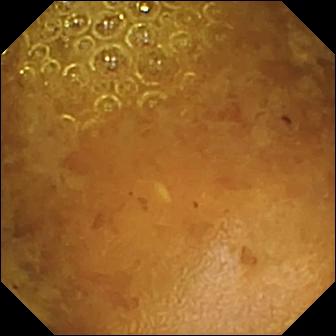Wireless capsule endoscopy image, small bowel
Impression: reduced mucosal view (content or bubbles obscuring the mucosa)